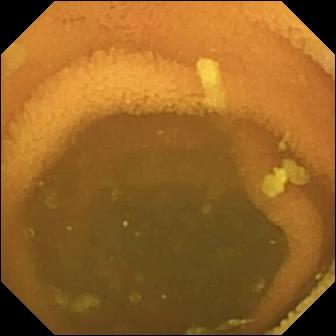modality: capsule endoscopy | segment: small bowel | category: luminal finding | finding: normal clean mucosa